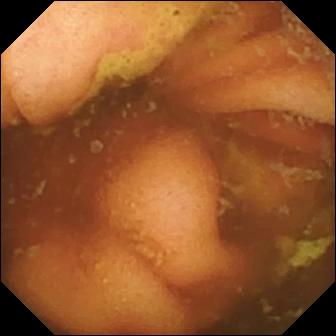Wireless capsule endoscopy — ileo-cecal valve region (the transition from the small bowel to the large bowel).